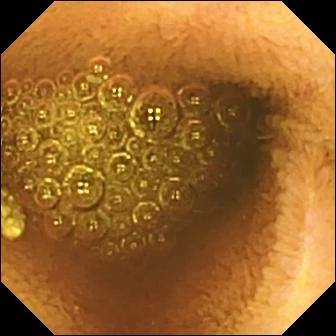Video capsule endoscopy image, 336×336. Reduced mucosal view (content or bubbles obscuring the mucosa).